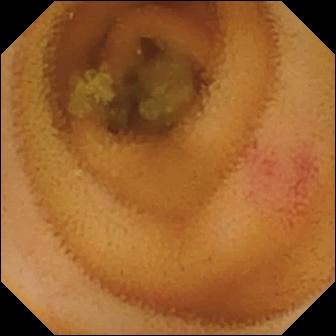Small-bowel capsule endoscopy — angiectasia.